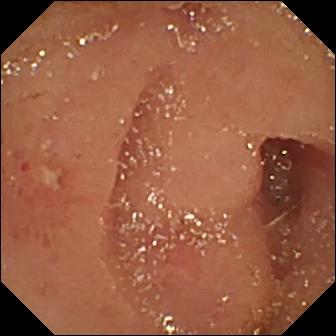This small-bowel capsule endoscopy frame shows erosion.